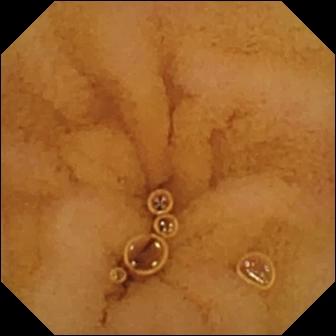- modality: small-bowel capsule endoscopy
- impression: normal clean mucosa